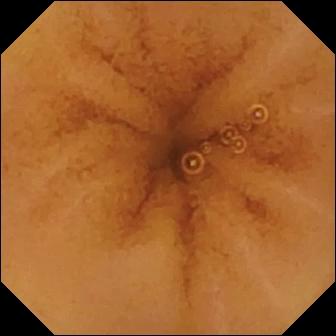- modality: wireless capsule endoscopy
- category: luminal finding
- observation: normal clean mucosa